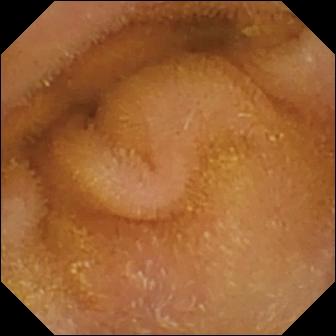Normal clean mucosa.